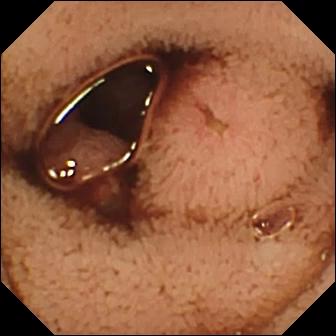Wireless capsule endoscopy — erosion.